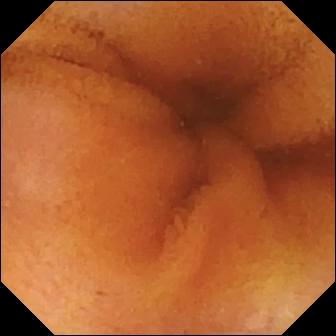Capsule endoscopy view showing normal clean mucosa.